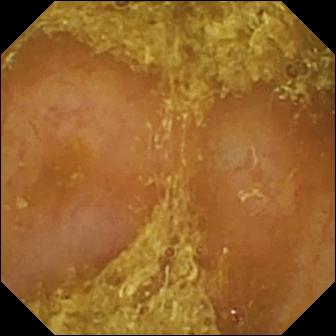PROCEDURE: Wireless capsule endoscopy.
SEGMENT: Small intestine.
FINDINGS: Reduced mucosal view (content or bubbles obscuring the mucosa).